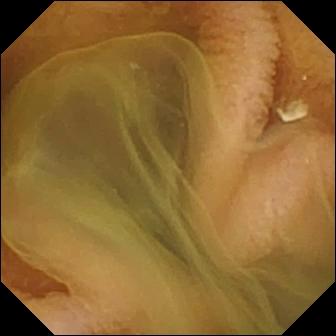{"modality": "wireless capsule endoscopy", "category": "luminal finding", "finding": "normal clean mucosa"}